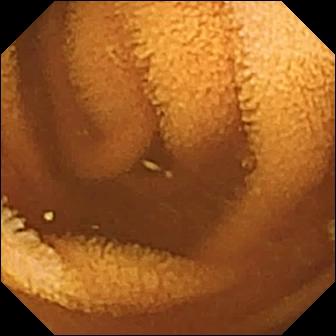Normal clean mucosa — capsule endoscopy image.